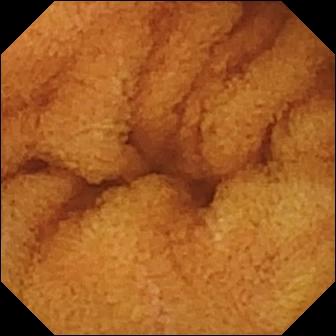{"modality": "WCE", "finding": "normal clean mucosa"}